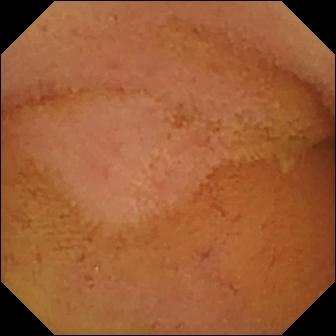- modality: video capsule endoscopy
- category: luminal finding
- impression: normal clean mucosa